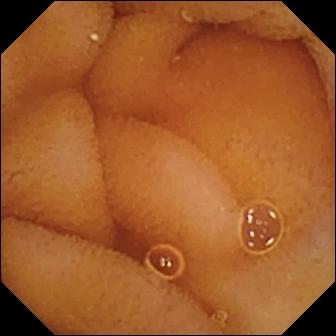Normal clean mucosa — VCE frame.